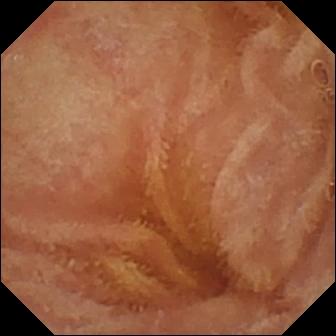VCE. Small intestine. Luminal finding. Impression: normal clean mucosa.